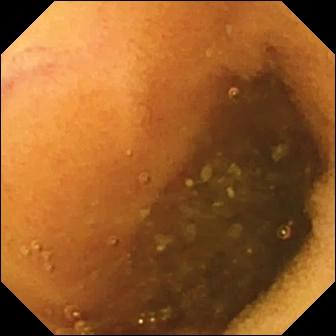Normal clean mucosa.